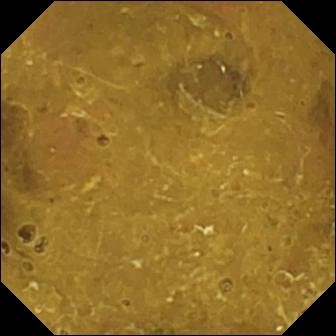Ileo-cecal valve region — video capsule endoscopy snapshot.